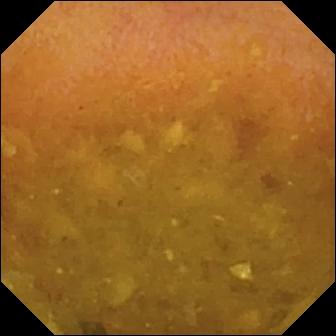PROCEDURE: VCE.
SEGMENT: Small bowel.
FINDINGS: Reduced mucosal view (content or bubbles obscuring the mucosa).